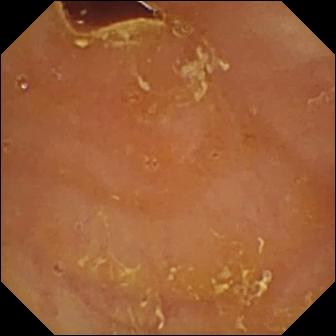Capsule endoscopy — reduced mucosal view (content or bubbles obscuring the mucosa).